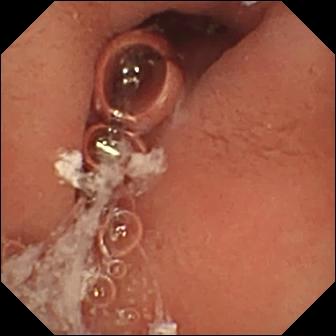WCE frame. Taken in the pylorus region (where the capsule passes from the stomach into the small bowel).